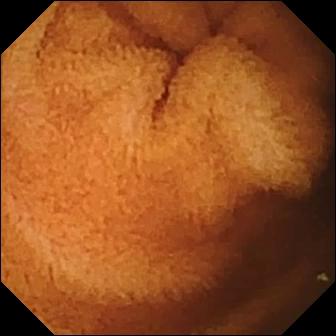Q: What does this video capsule endoscopy still show?
A: Normal clean mucosa.